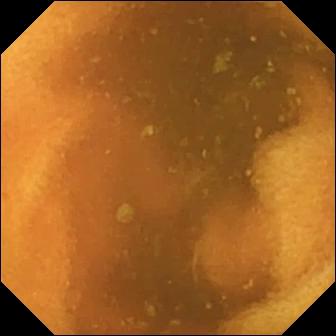Video capsule endoscopy still of the small bowel showing normal clean mucosa.